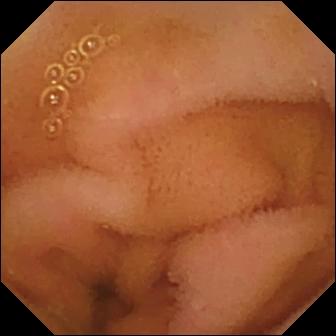WCE snapshot
Observation: normal clean mucosa